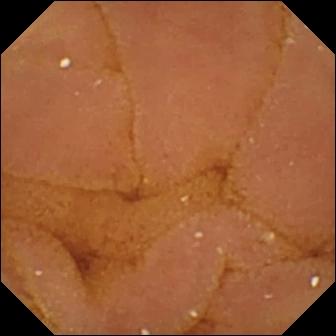Q: What does this capsule endoscopy snapshot show?
A: Normal clean mucosa.